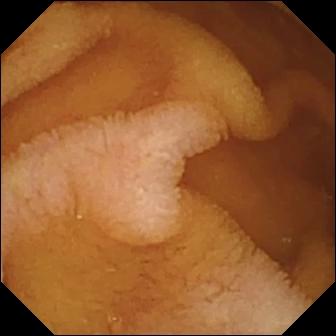Q: What does this capsule endoscopy image show?
A: Normal clean mucosa.